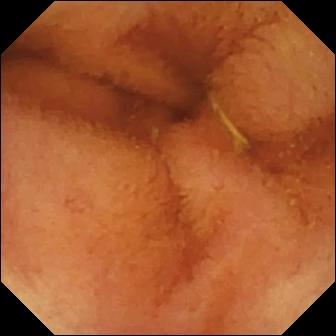WCE frame. Normal clean mucosa.